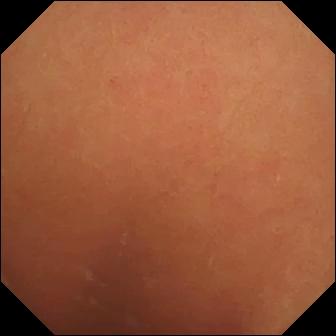- modality: small-bowel capsule endoscopy
- label: normal clean mucosa